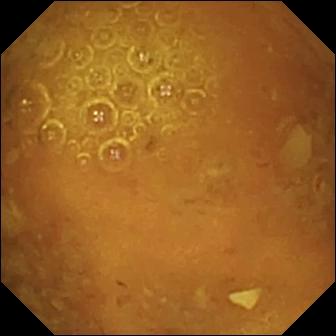{"modality": "WCE", "segment": "small bowel", "finding": "reduced mucosal view (content or bubbles obscuring the mucosa)"}